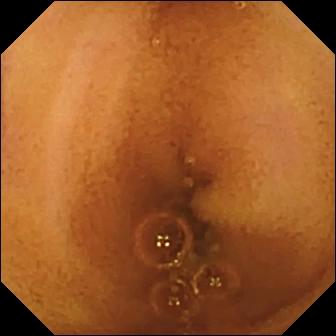- modality: video capsule endoscopy
- segment: small intestine
- finding: normal clean mucosa